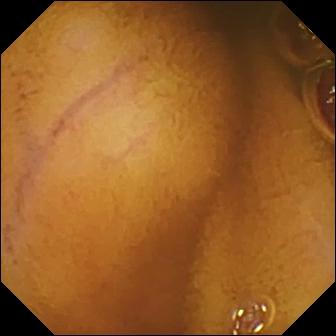Small-bowel capsule endoscopy still (small bowel). Normal clean mucosa.